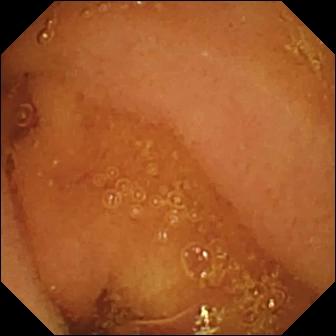Capsule endoscopy image, 336×336. Normal clean mucosa.